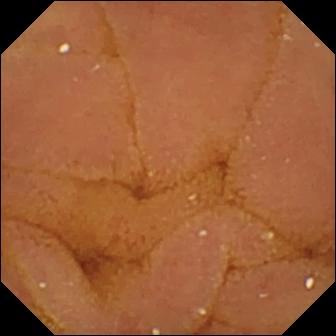This WCE view shows normal clean mucosa.